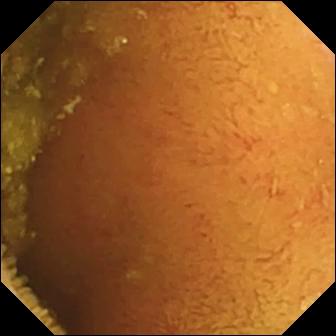Capsule endoscopy view, small bowel
Impression: normal clean mucosa